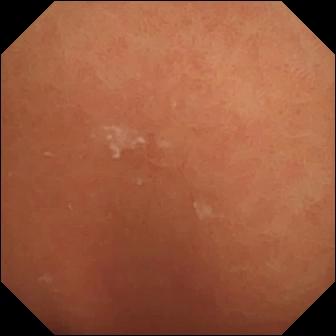{"modality": "capsule endoscopy", "finding": "normal clean mucosa"}